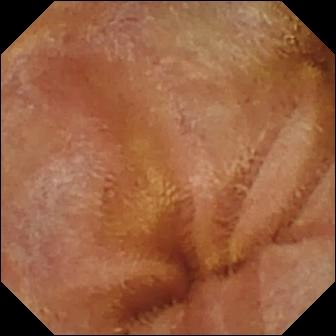Normal clean mucosa.